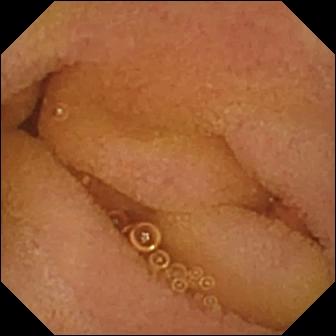WCE view. Normal clean mucosa.